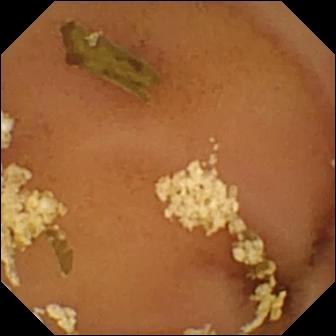This VCE snapshot shows normal clean mucosa.